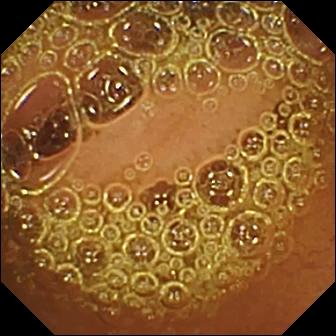Normal clean mucosa.